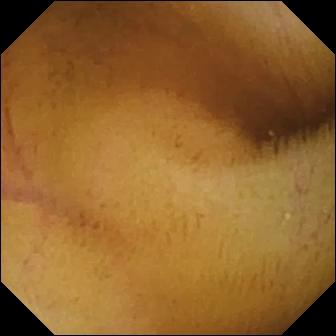WCE frame, small bowel
Finding: normal clean mucosa